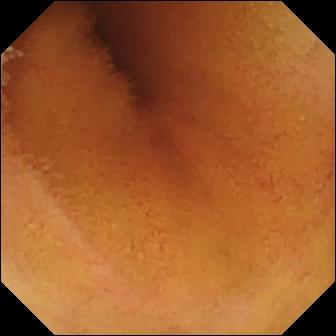Normal clean mucosa.